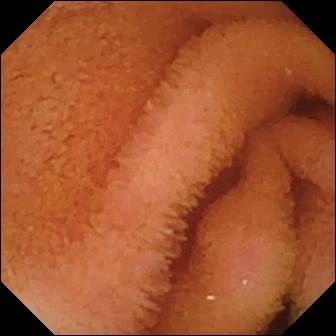{"modality": "wireless capsule endoscopy", "category": "luminal finding", "finding": "normal clean mucosa"}